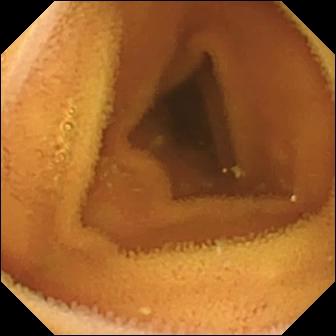This WCE image of the small intestine shows normal clean mucosa.